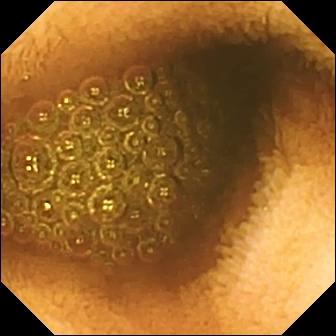- modality: capsule endoscopy
- category: luminal finding
- impression: reduced mucosal view (content or bubbles obscuring the mucosa)